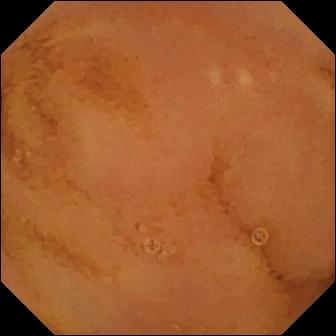Normal clean mucosa — wireless capsule endoscopy snapshot of the small bowel.